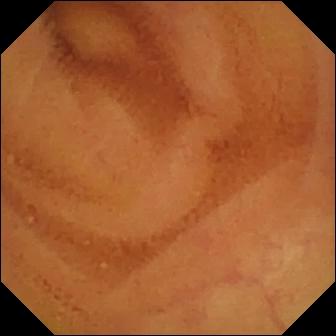modality: small-bowel capsule endoscopy | segment: small intestine | category: luminal finding | observation: normal clean mucosa